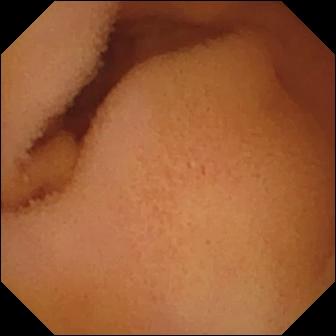Small-bowel capsule endoscopy — normal clean mucosa.